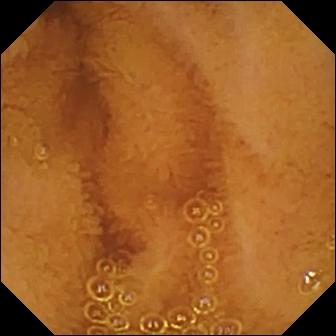Normal clean mucosa — VCE image.